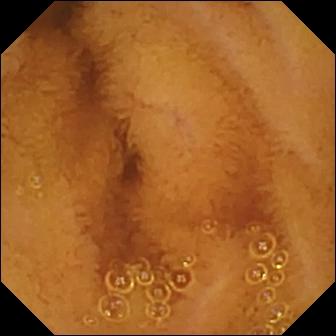WCE snapshot (small bowel). Normal clean mucosa.